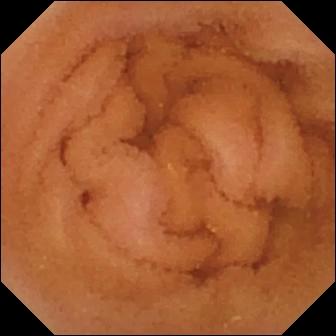Video capsule endoscopy view (small bowel). Normal clean mucosa.